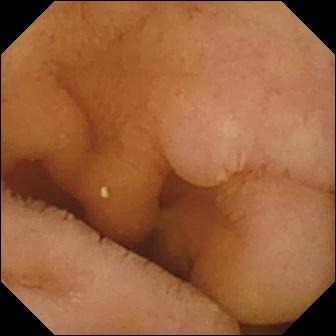Small-bowel capsule endoscopy. Small intestine. Observation: normal clean mucosa.